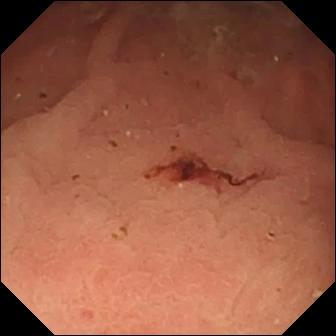Capsule endoscopy image showing fresh blood in the lumen.